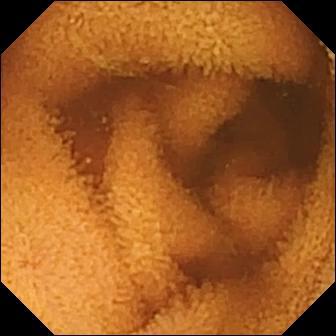Normal clean mucosa — video capsule endoscopy view of the small bowel.